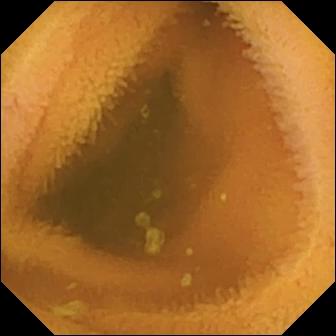modality: wireless capsule endoscopy; finding: normal clean mucosa